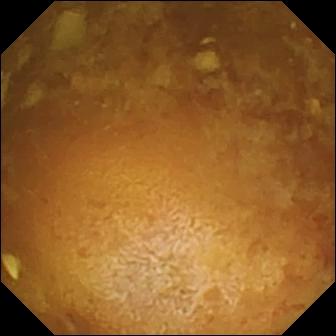This wireless capsule endoscopy snapshot shows reduced mucosal view (content or bubbles obscuring the mucosa).